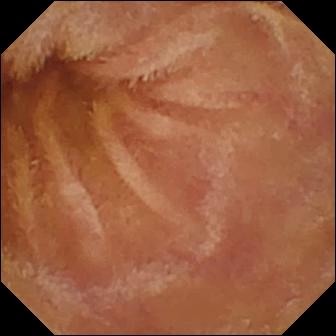This video capsule endoscopy image shows normal clean mucosa.